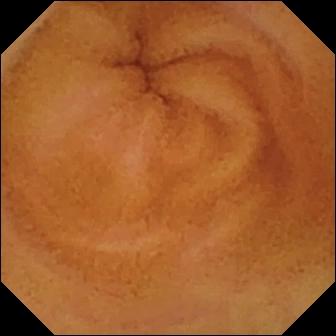Normal clean mucosa.